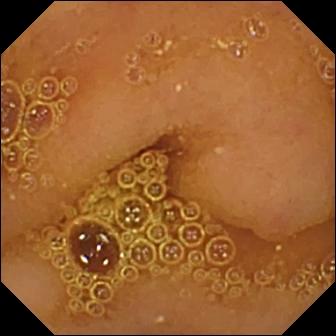This capsule endoscopy snapshot of the small bowel shows normal clean mucosa.